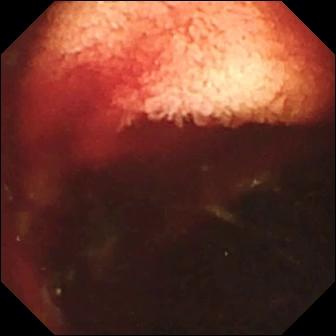This small-bowel capsule endoscopy view shows fresh blood in the lumen.